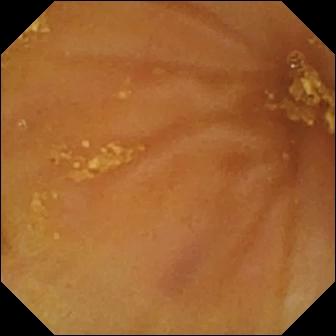Ileo-cecal valve region (where the capsule passes from the small bowel into the large bowel) — video capsule endoscopy image.